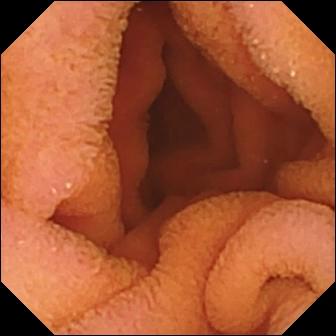Capsule endoscopy. Finding: normal clean mucosa.